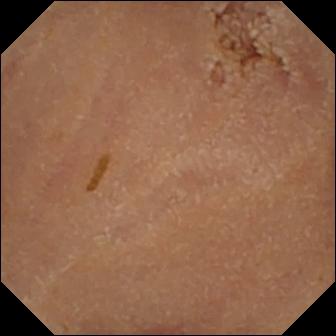Q: What does this WCE frame show?
A: Normal clean mucosa.